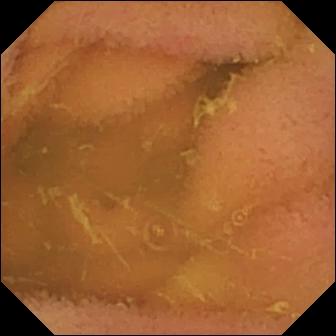PROCEDURE: Capsule endoscopy.
FINDINGS: Normal clean mucosa.